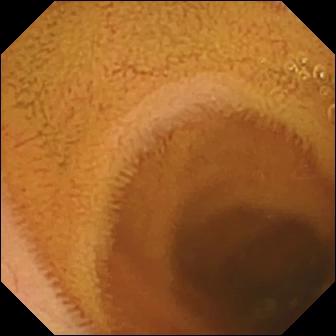modality: small-bowel capsule endoscopy
segment: small intestine
category: luminal finding
label: normal clean mucosa